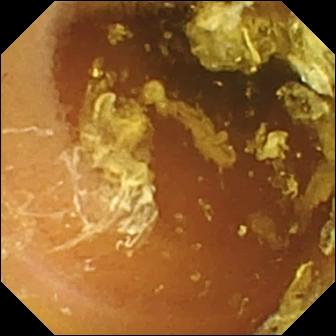- modality: VCE
- impression: normal clean mucosa